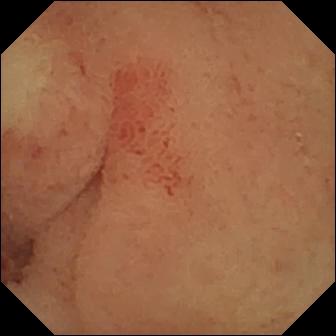Capsule endoscopy still
Label: ulcer